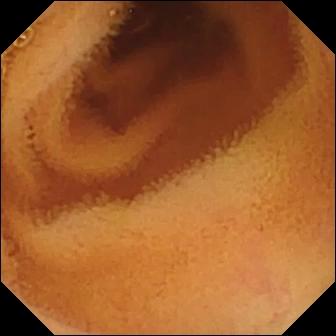WCE — normal clean mucosa.